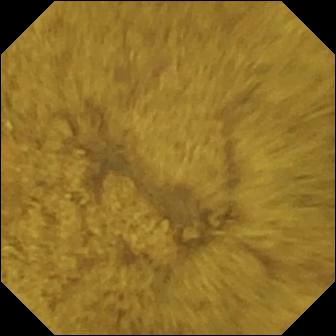{"modality": "wireless capsule endoscopy", "location": "ileo-cecal valve region (where the capsule passes from the small bowel into the large bowel)"}